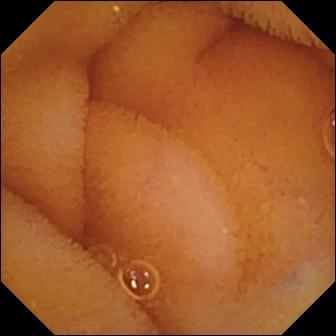Normal clean mucosa (336×336).